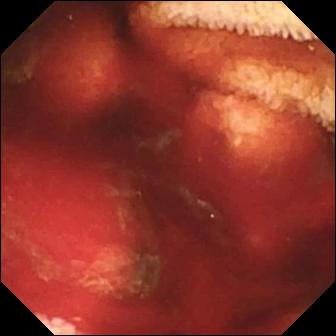Q: What does this small-bowel capsule endoscopy image show?
A: Fresh blood in the lumen.